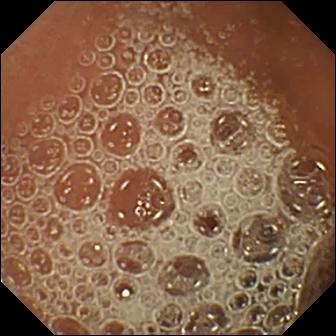Small-bowel capsule endoscopy frame
Observation: normal clean mucosa